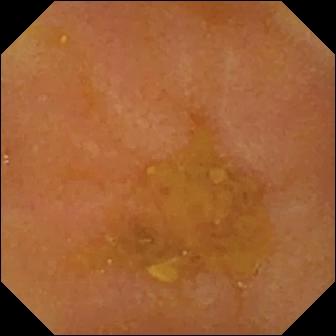Q: What does this WCE frame show?
A: Reduced mucosal view (content or bubbles obscuring the mucosa).